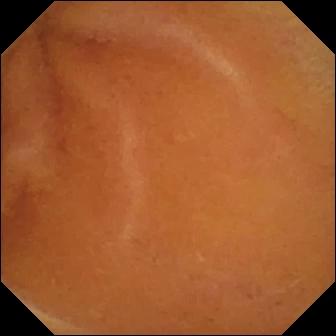VCE. Label: normal clean mucosa.